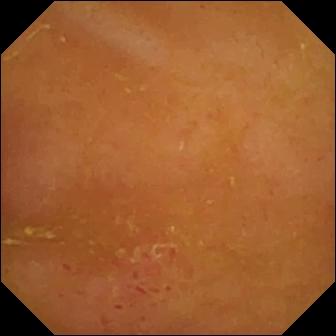Small-bowel capsule endoscopy — erythema (mucosal redness).